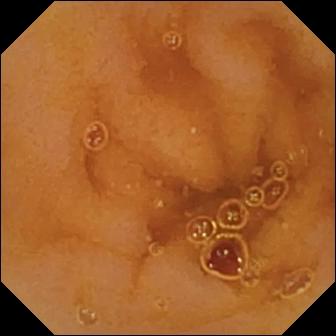PROCEDURE: Wireless capsule endoscopy.
FINDINGS: Normal clean mucosa.